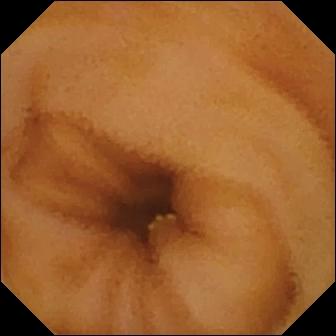PROCEDURE: Wireless capsule endoscopy.
FINDINGS: Lymphangiectasia.